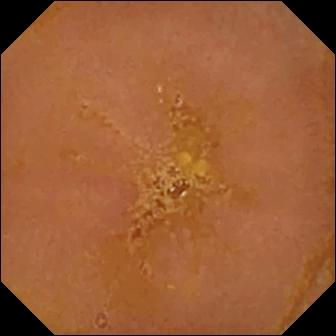Capsule endoscopy. Small bowel. Luminal finding. Finding: reduced mucosal view (content or bubbles obscuring the mucosa).